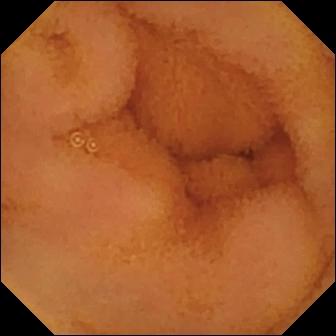Wireless capsule endoscopy frame
Impression: normal clean mucosa